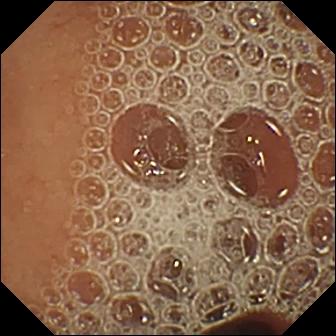WCE. Observation: normal clean mucosa.